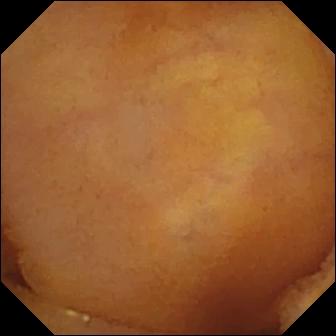{"modality": "WCE", "segment": "small bowel", "finding": "normal clean mucosa"}